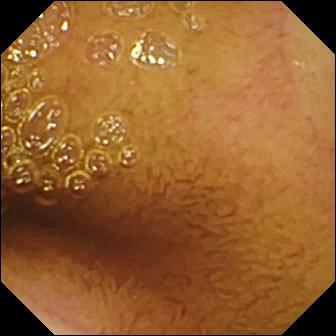WCE still, small intestine
Finding: normal clean mucosa